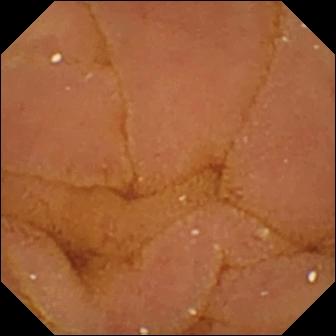modality: WCE | category: luminal finding | finding: normal clean mucosa